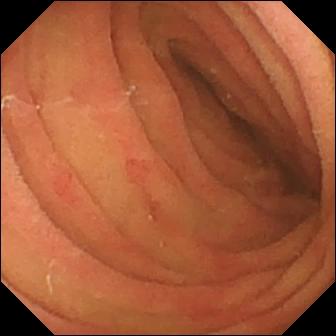Video capsule endoscopy — pylorus region (the junction between the stomach and the small bowel).